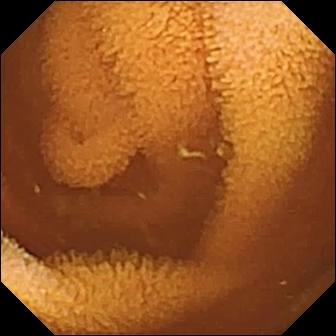This VCE frame of the small intestine shows normal clean mucosa.